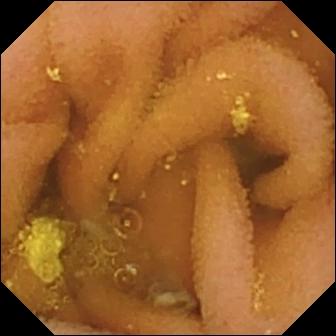VCE snapshot showing lymphangiectasia.